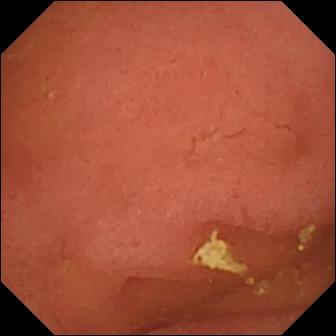Pylorus region (the junction between the stomach and the small bowel).